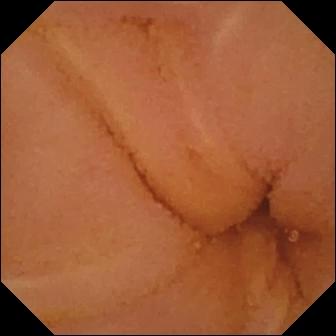VCE — normal clean mucosa.